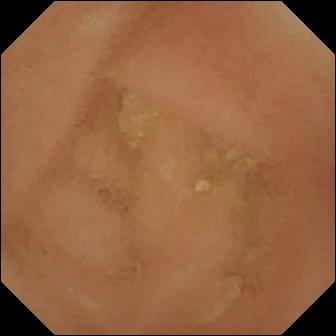Normal clean mucosa (336×336).